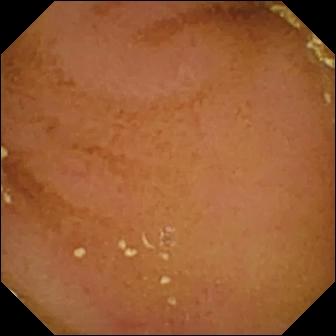Small-bowel capsule endoscopy. Luminal finding. Impression: normal clean mucosa.